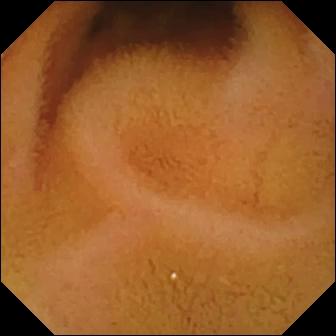Capsule endoscopy view (small intestine). Normal clean mucosa.